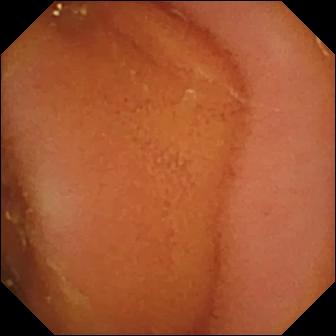Normal clean mucosa.